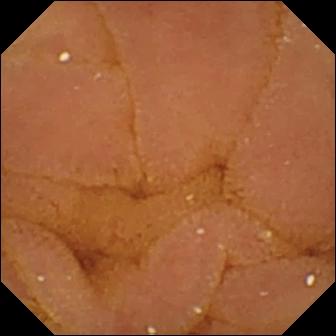PROCEDURE: Wireless capsule endoscopy.
FINDINGS: Normal clean mucosa.